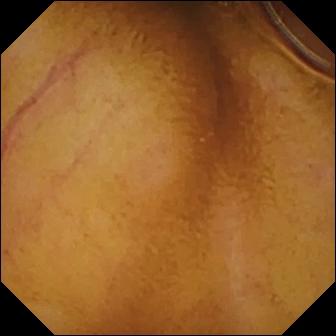modality: small-bowel capsule endoscopy; segment: small bowel; impression: normal clean mucosa